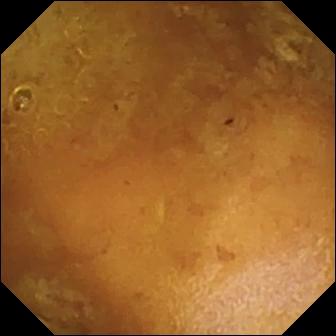This small-bowel capsule endoscopy image of the small intestine shows reduced mucosal view (content or bubbles obscuring the mucosa).